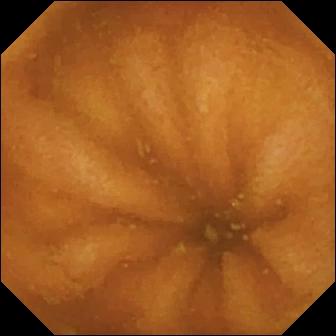- modality: VCE
- segment: small bowel
- finding: normal clean mucosa